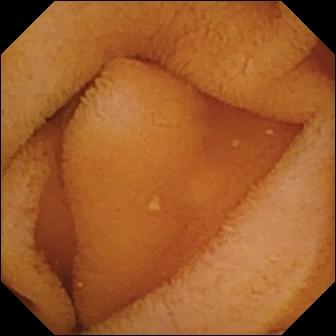- modality: VCE
- segment: small bowel
- label: normal clean mucosa